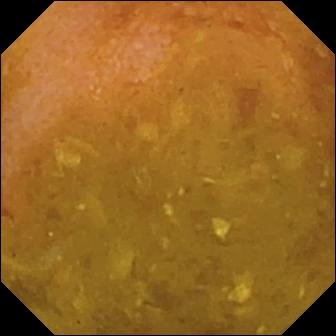Reduced mucosal view (content or bubbles obscuring the mucosa).